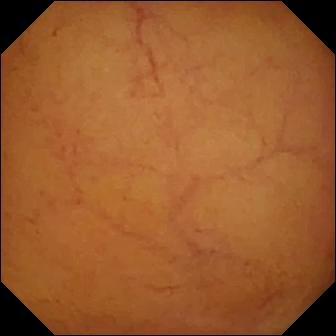{"modality": "wireless capsule endoscopy", "finding": "normal clean mucosa"}